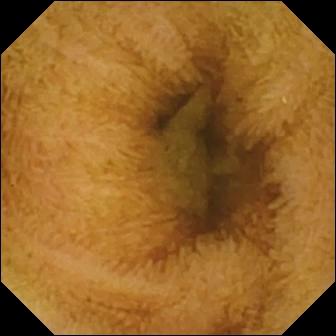VCE frame showing normal clean mucosa.